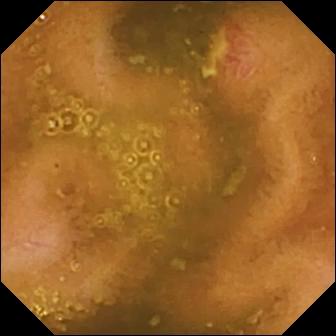Ulcer.